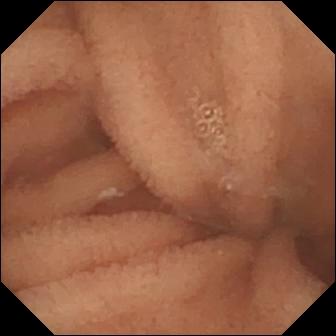PROCEDURE: WCE.
FINDINGS: Normal clean mucosa.